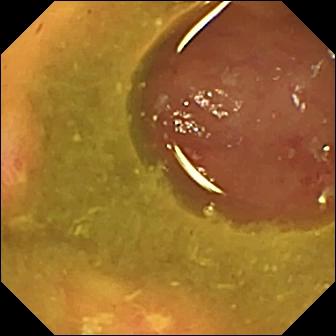Q: What does this wireless capsule endoscopy view show?
A: Ulcer.